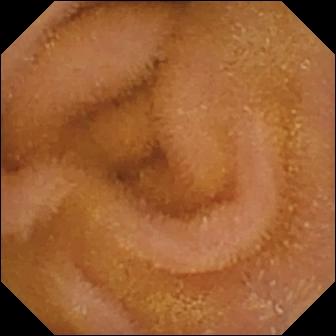PROCEDURE: Video capsule endoscopy.
FINDINGS: Normal clean mucosa.